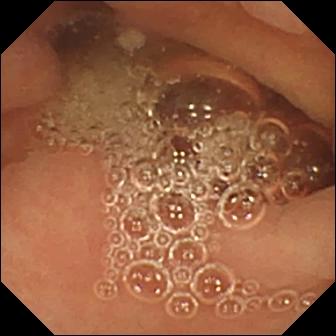WCE — normal clean mucosa.